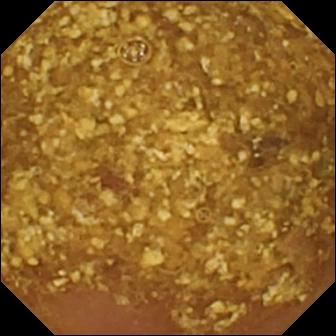Reduced mucosal view (content or bubbles obscuring the mucosa).